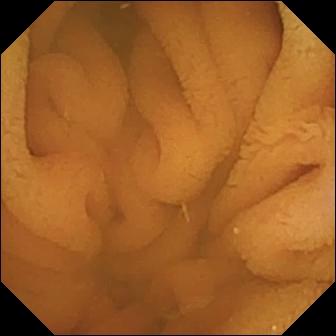Q: What does this capsule endoscopy still of the small bowel show?
A: Normal clean mucosa.